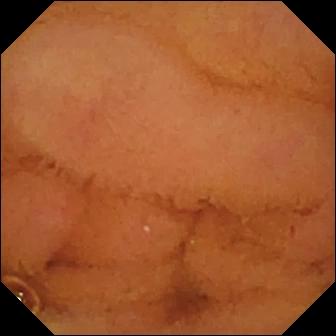modality: capsule endoscopy; category: luminal finding; label: normal clean mucosa